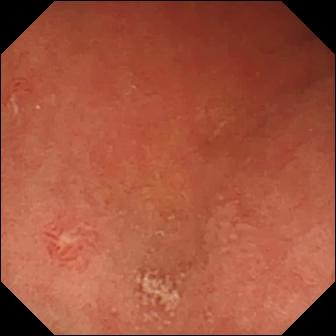{"modality": "capsule endoscopy", "location": "pylorus region (where the capsule passes from the stomach into the small bowel)"}